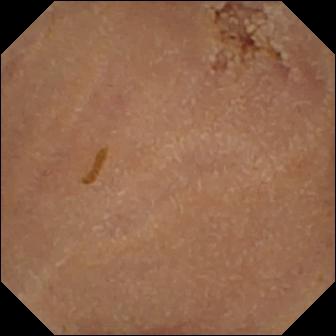- modality: capsule endoscopy
- segment: small bowel
- category: luminal finding
- finding: normal clean mucosa